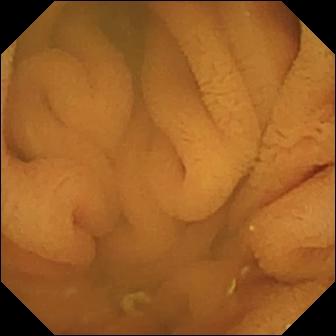Capsule endoscopy image. Normal clean mucosa.